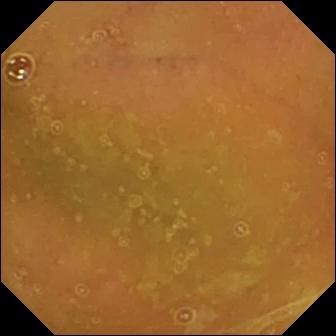Small-bowel capsule endoscopy. Finding: normal clean mucosa.